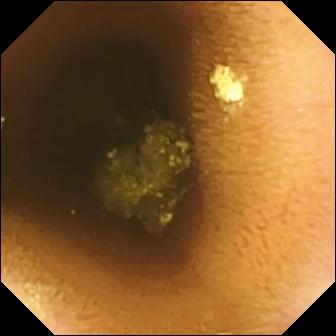- modality: capsule endoscopy
- category: luminal finding
- finding: normal clean mucosa